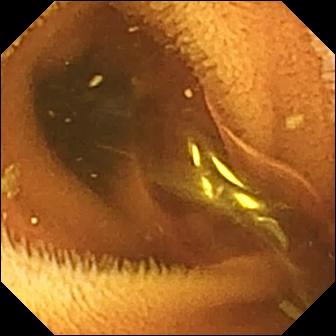modality: wireless capsule endoscopy | segment: small bowel | impression: normal clean mucosa